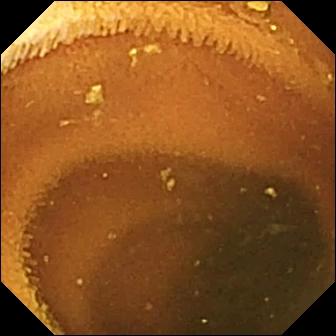Capsule endoscopy — normal clean mucosa.